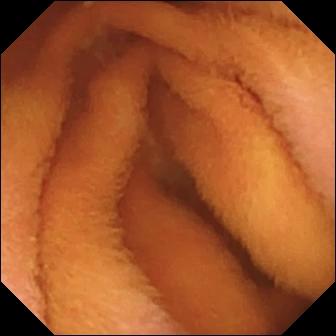Normal clean mucosa.